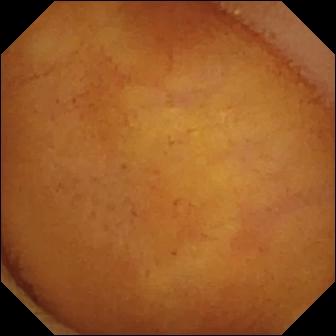Normal clean mucosa.